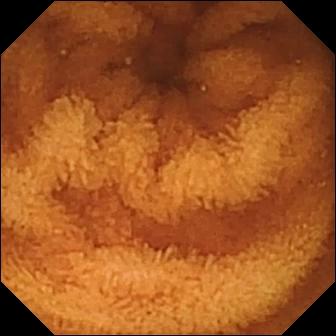modality: wireless capsule endoscopy | segment: small intestine | impression: normal clean mucosa